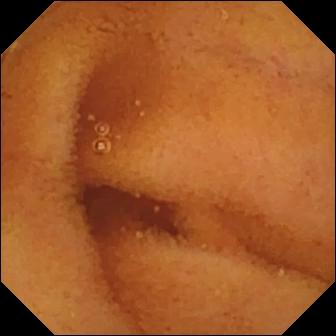Normal clean mucosa.